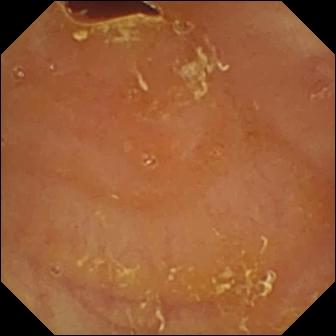{"modality": "WCE", "segment": "small intestine", "finding": "reduced mucosal view (content or bubbles obscuring the mucosa)"}